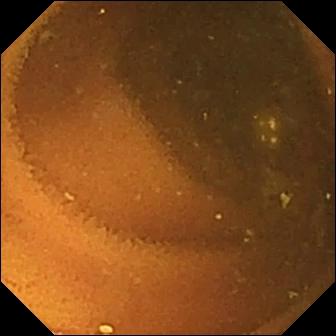Capsule endoscopy image of the small intestine showing normal clean mucosa.